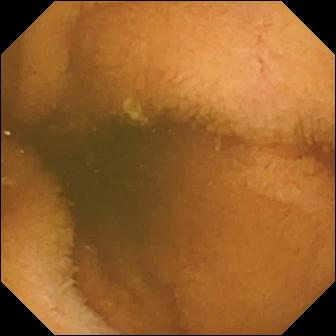This VCE still of the small bowel shows normal clean mucosa.